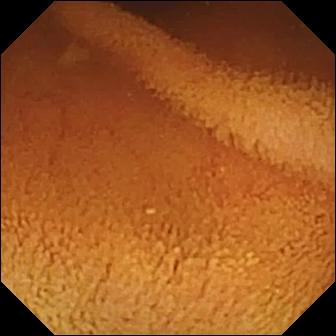- modality: video capsule endoscopy
- segment: small intestine
- finding: normal clean mucosa